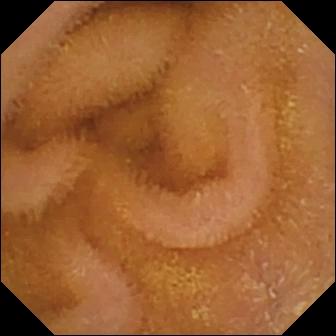modality: video capsule endoscopy
segment: small bowel
observation: normal clean mucosa